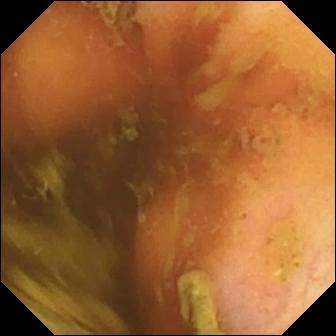- modality: video capsule endoscopy
- position: ileo-cecal valve region